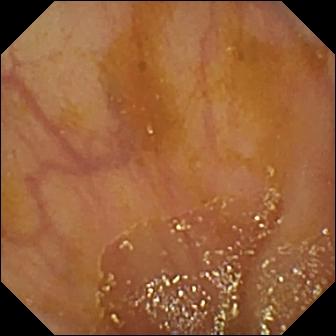{"modality": "WCE", "video_segment": "ileo-cecal valve region"}